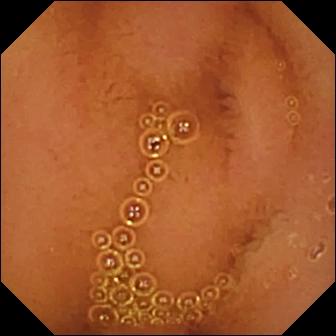Wireless capsule endoscopy image of the small intestine showing normal clean mucosa.